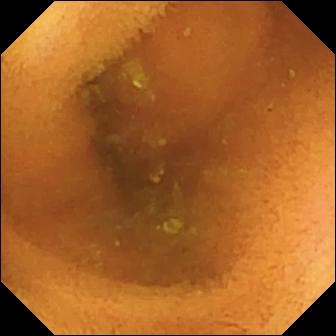- modality: capsule endoscopy
- segment: small intestine
- impression: normal clean mucosa